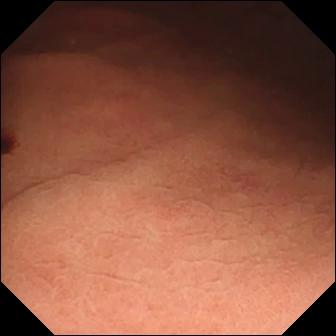Angiectasia — VCE view.